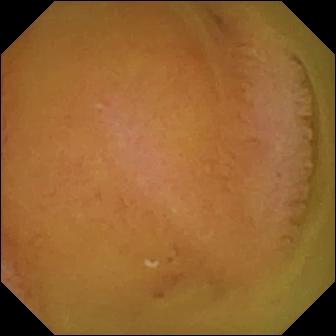WCE frame (small intestine), 336×336. Normal clean mucosa.